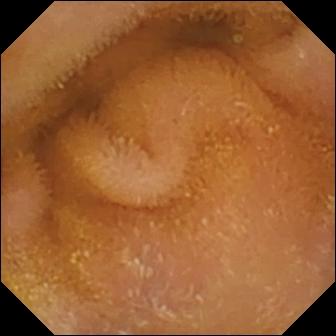Normal clean mucosa — wireless capsule endoscopy image.